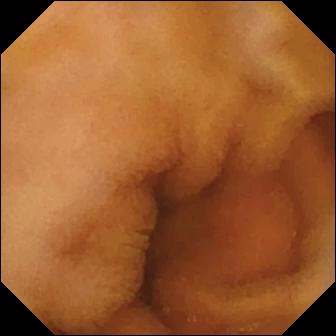VCE. Small intestine. Finding: normal clean mucosa.